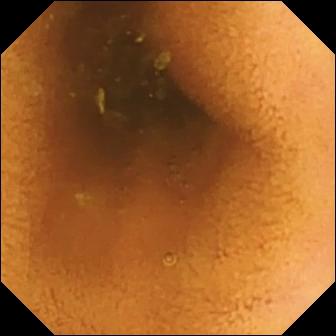Video capsule endoscopy. Observation: normal clean mucosa.